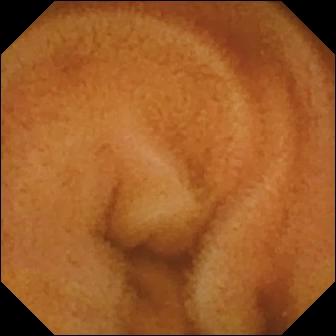Normal clean mucosa — WCE view of the small bowel.